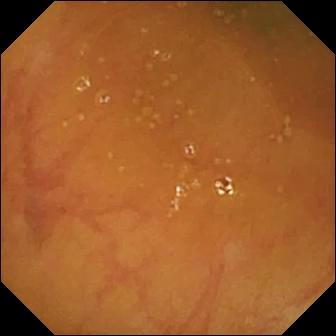Capsule endoscopy — ileo-cecal valve region.